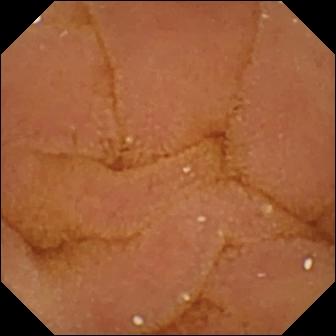WCE. Finding: normal clean mucosa.